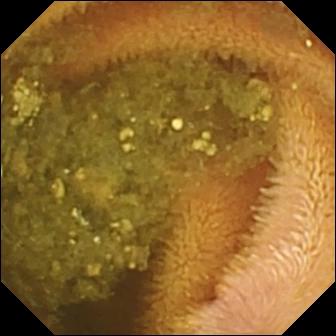modality: video capsule endoscopy | finding: reduced mucosal view (content or bubbles obscuring the mucosa)